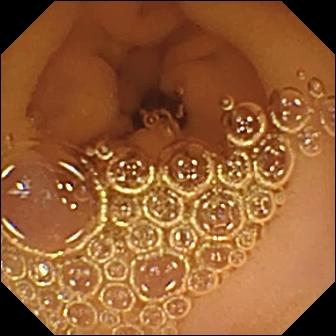modality: WCE; segment: small bowel; label: normal clean mucosa